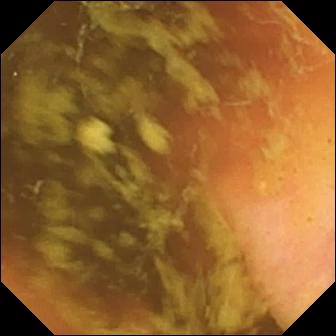Ileo-cecal valve region (the transition from the small bowel to the large bowel), 336×336.